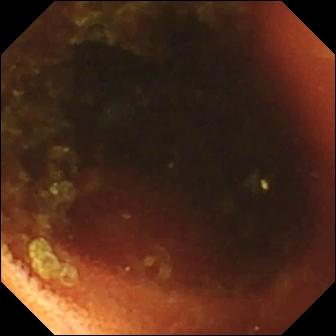Ileo-cecal valve region — capsule endoscopy still.